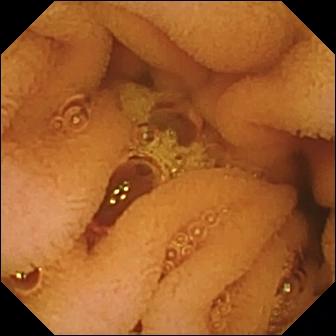PROCEDURE: VCE.
SEGMENT: Small bowel.
FINDINGS: Normal clean mucosa.